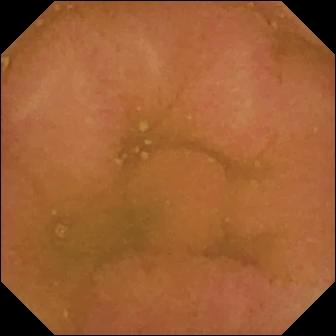Q: What does this wireless capsule endoscopy view of the small intestine show?
A: Normal clean mucosa.